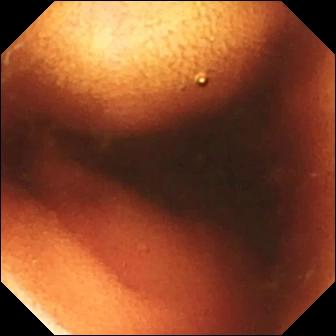Wireless capsule endoscopy view taken in the ileo-cecal valve region (the transition from the small bowel to the large bowel).